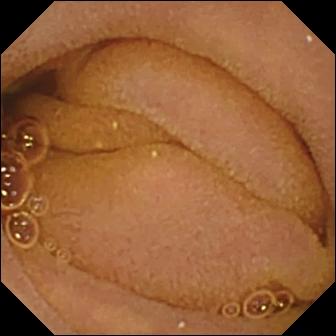- modality: video capsule endoscopy
- segment: small intestine
- label: normal clean mucosa